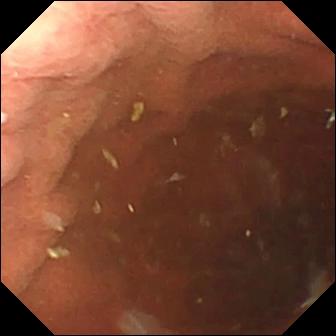Q: Where in the digestive tract was this capsule endoscopy frame taken?
A: Pylorus region (the junction between the stomach and the small bowel).